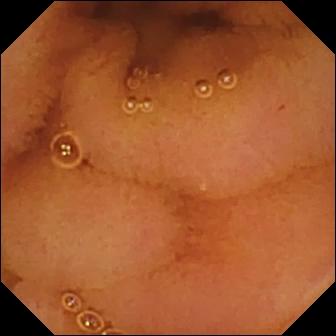Normal clean mucosa.